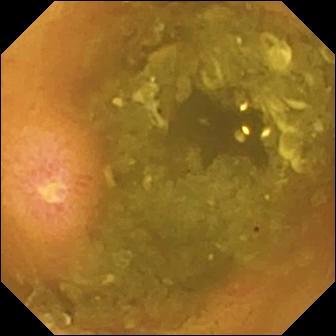Small-bowel capsule endoscopy image. Ulcer.